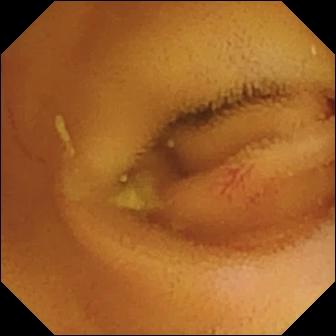Angiectasia — small-bowel capsule endoscopy frame.